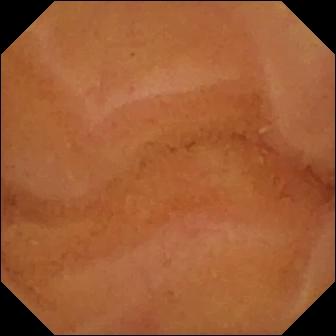Normal clean mucosa.